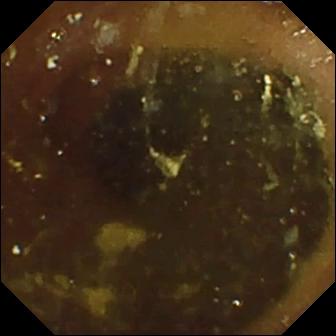PROCEDURE: Video capsule endoscopy.
LOCATION: Pylorus region (the junction between the stomach and the small bowel).